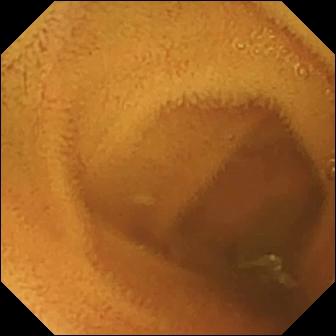PROCEDURE: Wireless capsule endoscopy.
SEGMENT: Small bowel.
FINDINGS: Normal clean mucosa.